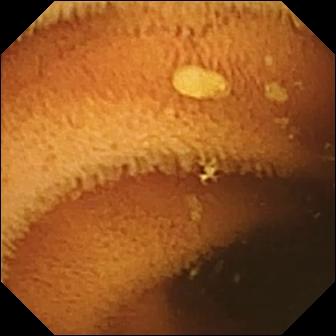WCE — normal clean mucosa.